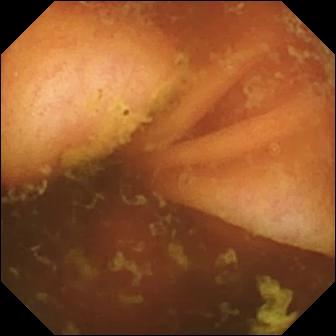- modality: video capsule endoscopy
- video segment: ileo-cecal valve region (the transition from the small bowel to the large bowel)